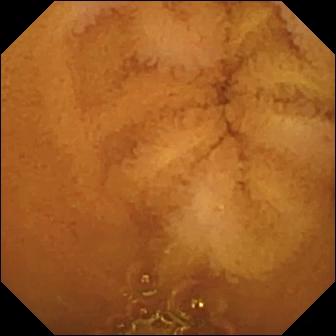VCE — normal clean mucosa.